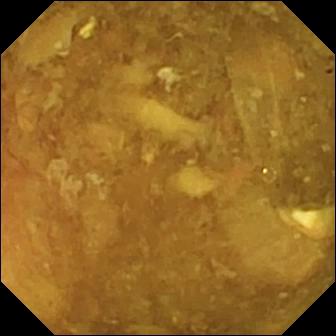Q: What does this small-bowel capsule endoscopy still show?
A: Reduced mucosal view (content or bubbles obscuring the mucosa).